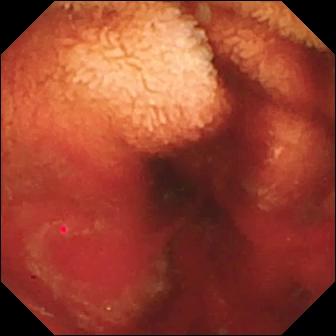Small-bowel capsule endoscopy. Luminal finding. Label: fresh blood in the lumen.